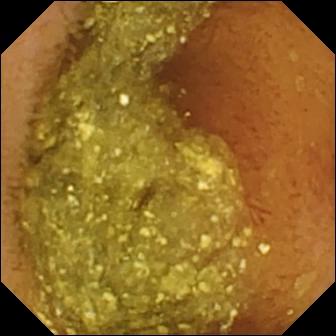modality: capsule endoscopy | segment: small intestine | finding: normal clean mucosa